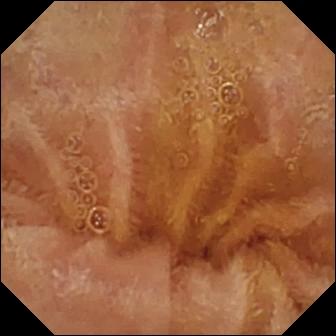- modality: capsule endoscopy
- observation: normal clean mucosa